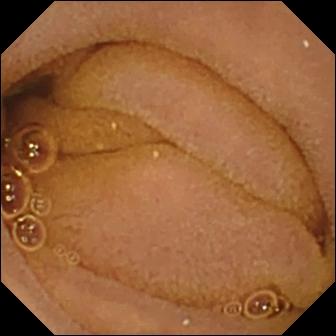This VCE view shows normal clean mucosa.